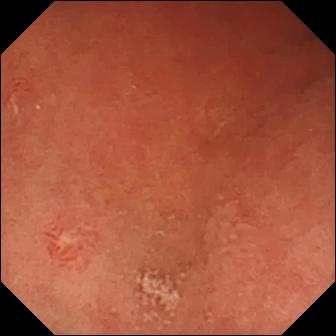PROCEDURE: WCE.
FINDINGS: Erosion.